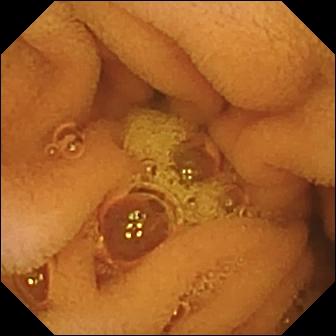Q: What does this VCE image of the small bowel show?
A: Normal clean mucosa.